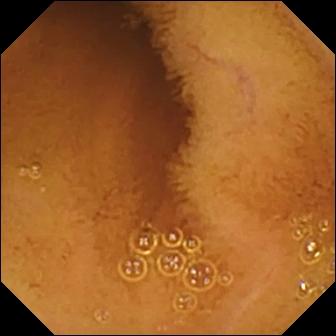Normal clean mucosa — small-bowel capsule endoscopy image of the small bowel.